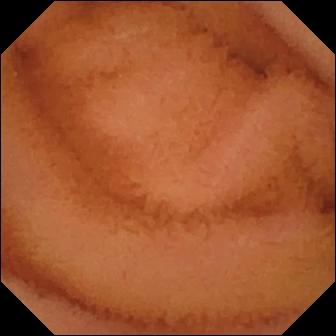WCE — normal clean mucosa.